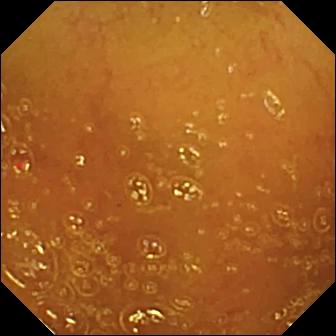Normal clean mucosa.